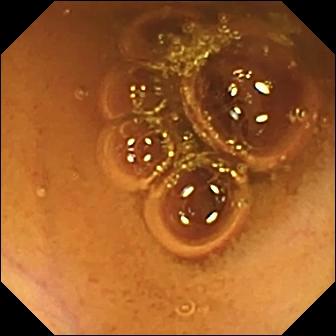Small-bowel capsule endoscopy snapshot of the small bowel showing normal clean mucosa.